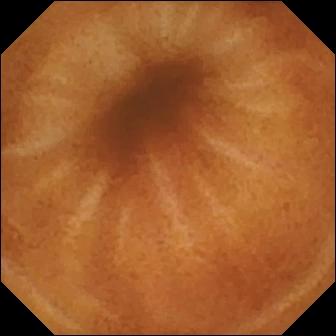Capsule endoscopy — normal clean mucosa.